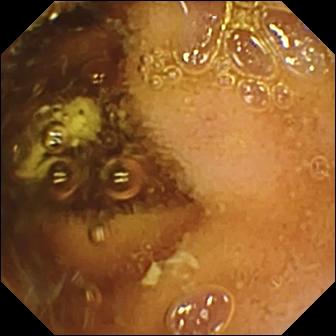{"modality": "WCE", "finding": "normal clean mucosa"}